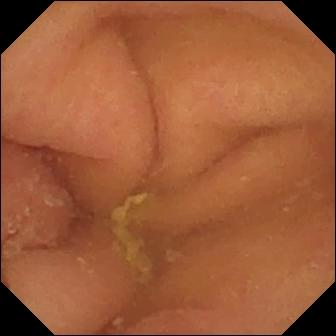WCE snapshot
Location: pylorus region (where the capsule passes from the stomach into the small bowel)